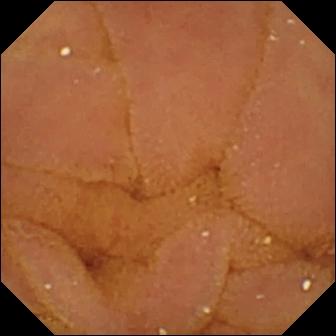{"modality": "small-bowel capsule endoscopy", "segment": "small intestine", "finding": "normal clean mucosa"}